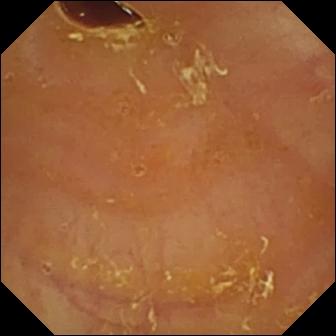This WCE view of the small bowel shows reduced mucosal view (content or bubbles obscuring the mucosa).